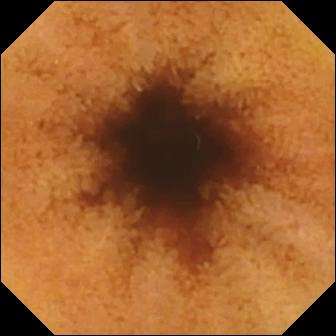Capsule endoscopy still, 336×336. Normal clean mucosa.